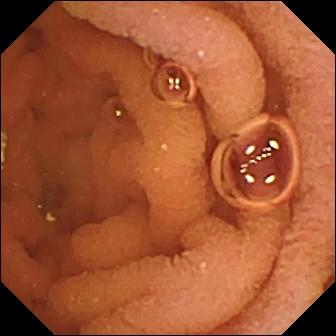{"modality": "small-bowel capsule endoscopy", "finding": "normal clean mucosa"}